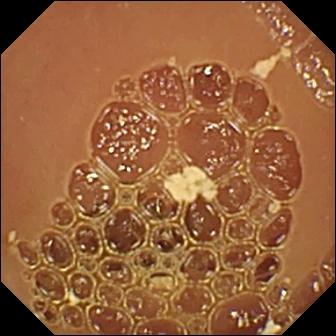modality: video capsule endoscopy; finding: normal clean mucosa